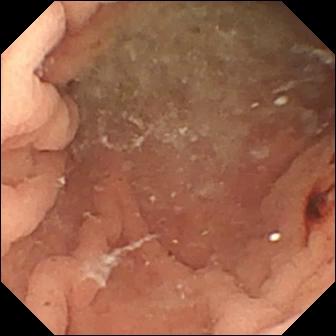PROCEDURE: Video capsule endoscopy.
FINDINGS: Angiectasia.